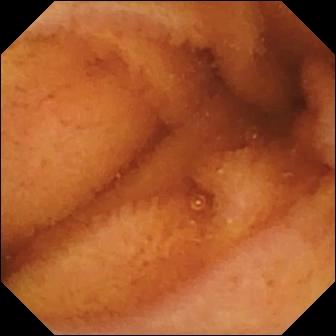Q: What does this video capsule endoscopy still show?
A: Normal clean mucosa.